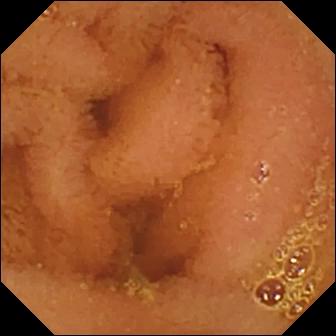Normal clean mucosa (336×336).